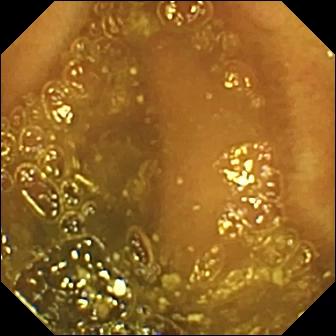Wireless capsule endoscopy. Near an anatomical landmark. Label: ileo-cecal valve region (the transition from the small bowel to the large bowel).